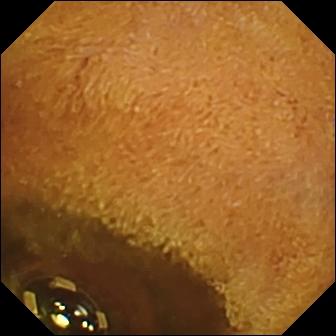{"modality": "small-bowel capsule endoscopy", "finding": "foreign body (e.g. retained capsule, tablet residue)"}